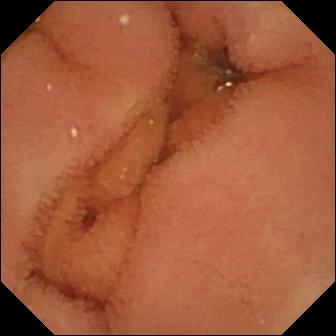This small-bowel capsule endoscopy still shows normal clean mucosa.